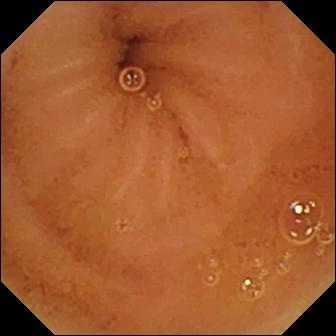- modality: small-bowel capsule endoscopy
- segment: small bowel
- label: normal clean mucosa